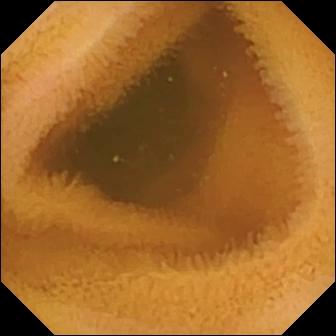Capsule endoscopy frame (small bowel), 336×336. Normal clean mucosa.